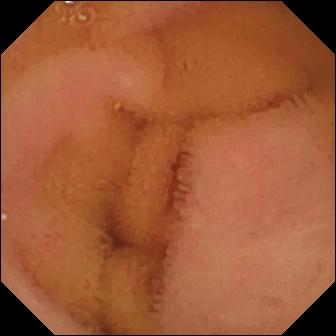- modality: capsule endoscopy
- impression: normal clean mucosa